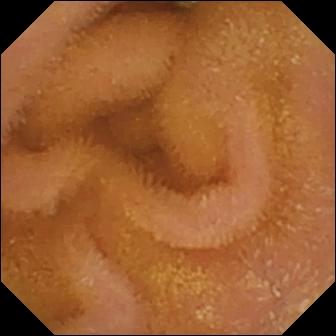Normal clean mucosa — capsule endoscopy view.